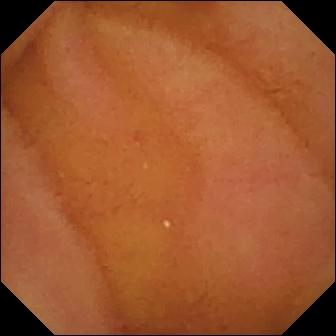{"modality": "video capsule endoscopy", "category": "luminal finding", "finding": "normal clean mucosa"}